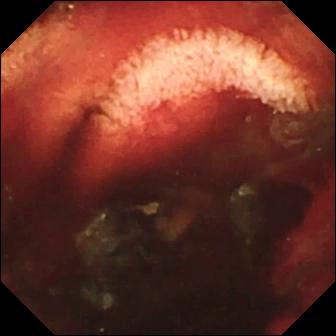Capsule endoscopy view
Finding: fresh blood in the lumen